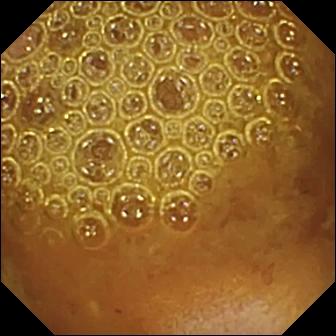PROCEDURE: VCE.
FINDINGS: Reduced mucosal view (content or bubbles obscuring the mucosa).